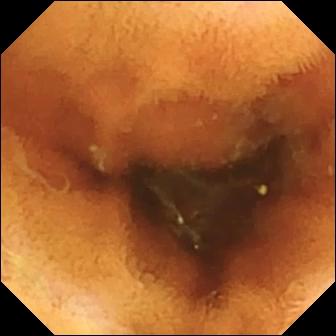PROCEDURE: VCE.
SEGMENT: Small bowel.
FINDINGS: Normal clean mucosa.